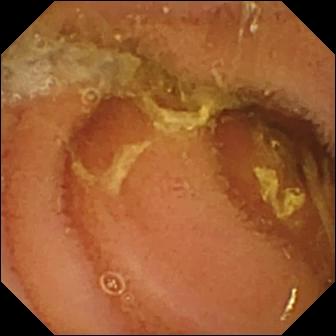modality: VCE
segment: small bowel
category: luminal finding
label: normal clean mucosa